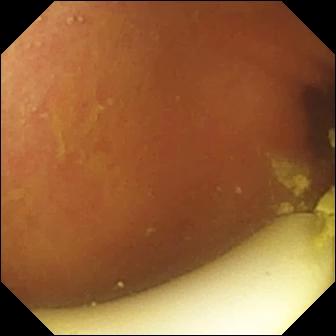PROCEDURE: Video capsule endoscopy.
FINDINGS: Foreign body (e.g. retained capsule, tablet residue).